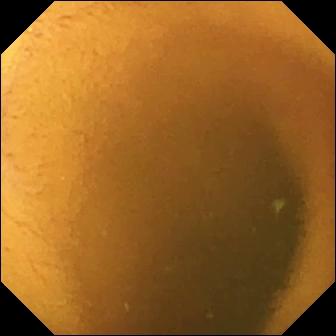Capsule endoscopy. Small bowel. Luminal finding. Finding: normal clean mucosa.